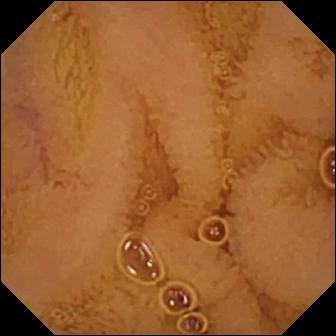{"modality": "video capsule endoscopy", "segment": "small intestine", "category": "luminal finding", "finding": "normal clean mucosa"}